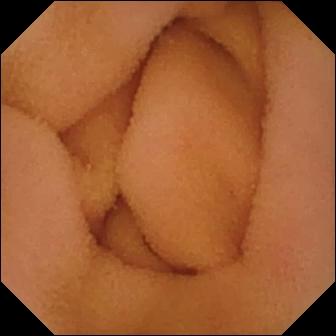This small-bowel capsule endoscopy still shows normal clean mucosa.